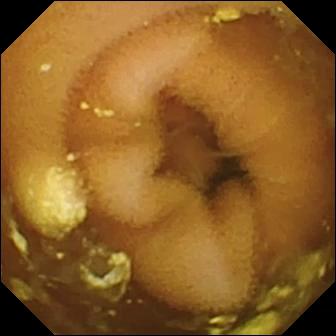This VCE still shows lymphangiectasia.